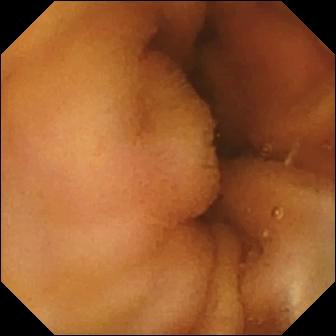WCE view showing normal clean mucosa.